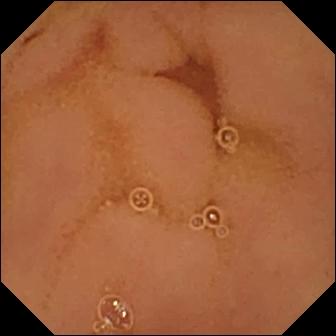VCE — normal clean mucosa.